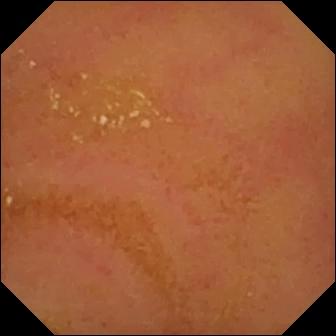Capsule endoscopy — normal clean mucosa.